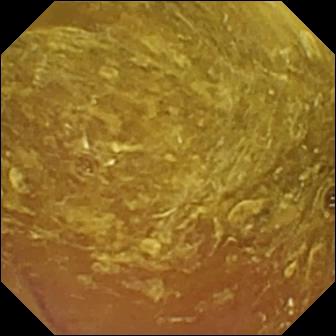modality: small-bowel capsule endoscopy
category: luminal finding
finding: reduced mucosal view (content or bubbles obscuring the mucosa)